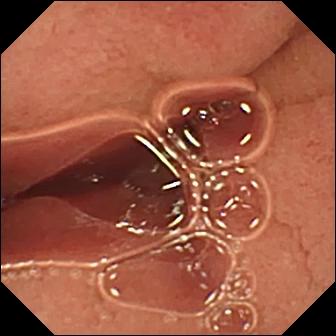- modality: small-bowel capsule endoscopy
- position: pylorus region (the junction between the stomach and the small bowel)